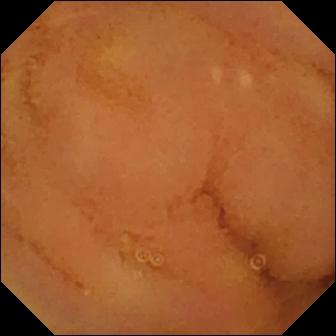modality: VCE
impression: normal clean mucosa